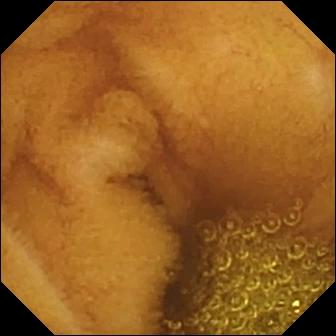Q: What does this capsule endoscopy frame show?
A: Normal clean mucosa.